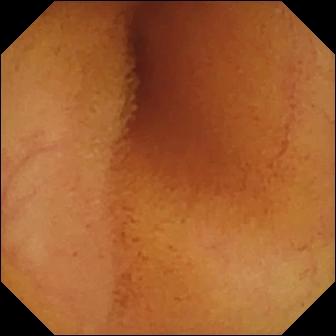This small-bowel capsule endoscopy frame shows normal clean mucosa.